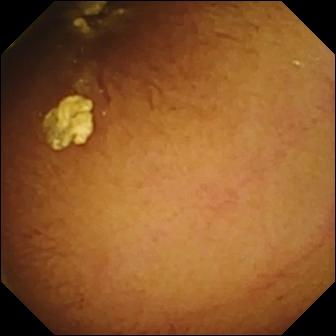VCE snapshot (small intestine). Normal clean mucosa.